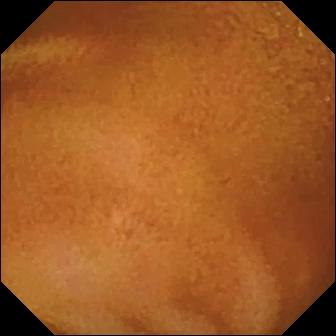- modality: small-bowel capsule endoscopy
- segment: small intestine
- observation: normal clean mucosa